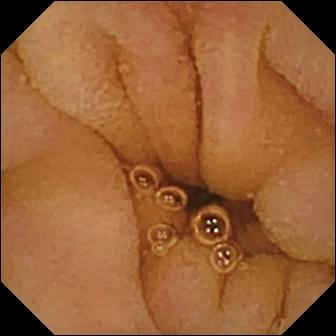This capsule endoscopy view shows normal clean mucosa.